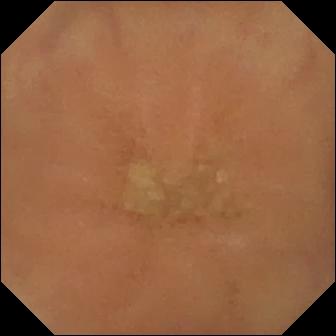Small-bowel capsule endoscopy — normal clean mucosa.